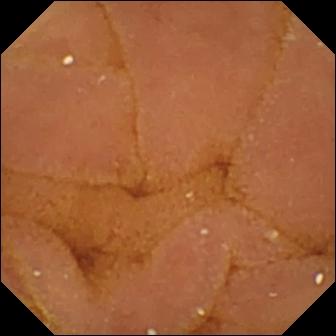VCE snapshot (small bowel). Normal clean mucosa.